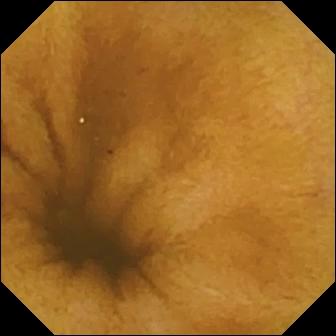Wireless capsule endoscopy — normal clean mucosa.